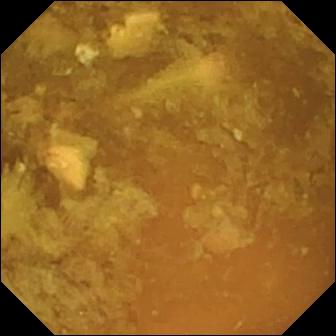- modality: video capsule endoscopy
- segment: small bowel
- observation: reduced mucosal view (content or bubbles obscuring the mucosa)